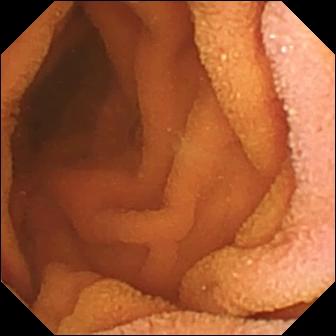- modality: wireless capsule endoscopy
- segment: small bowel
- finding: normal clean mucosa